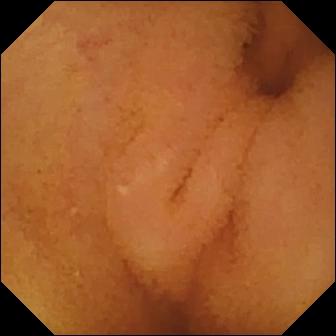Wireless capsule endoscopy still. Normal clean mucosa.